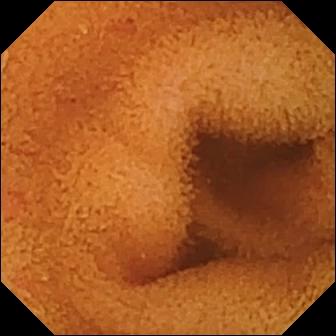Capsule endoscopy — normal clean mucosa.